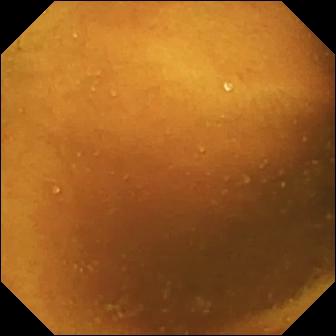Video capsule endoscopy. Small bowel. Impression: normal clean mucosa.